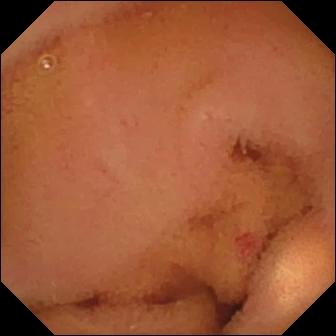Wireless capsule endoscopy view (small bowel), 336×336. Normal clean mucosa.